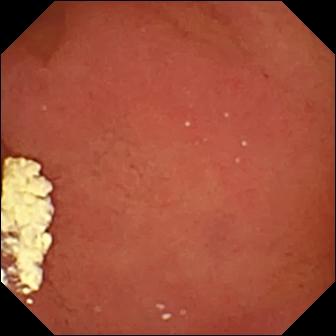Small-bowel capsule endoscopy view, 336×336. Taken in the pylorus region (where the capsule passes from the stomach into the small bowel).